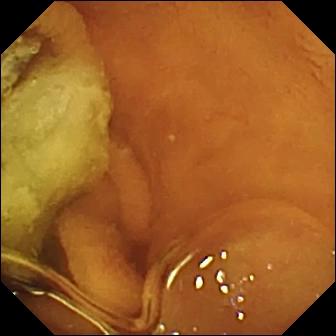PROCEDURE: VCE.
SEGMENT: Small intestine.
FINDINGS: Normal clean mucosa.